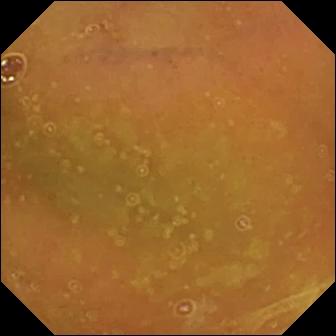Small-bowel capsule endoscopy still, small bowel
Label: normal clean mucosa